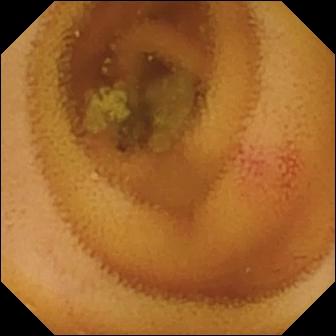- modality: wireless capsule endoscopy
- impression: angiectasia